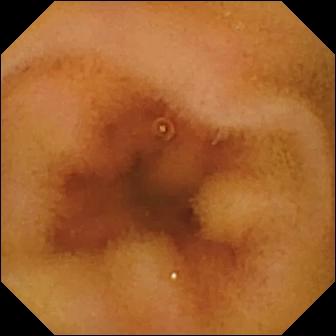Video capsule endoscopy — normal clean mucosa.